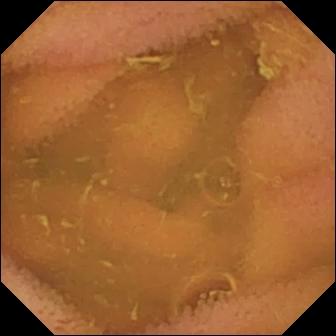Small-bowel capsule endoscopy frame, small bowel
Finding: normal clean mucosa